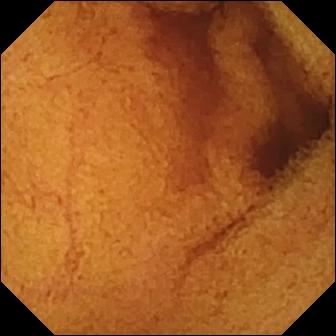WCE snapshot, small intestine
Impression: normal clean mucosa